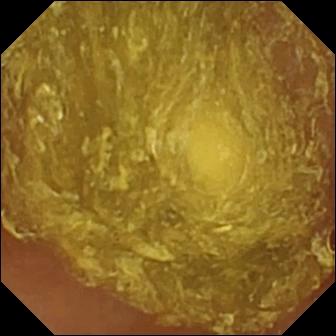Reduced mucosal view (content or bubbles obscuring the mucosa) — small-bowel capsule endoscopy snapshot.